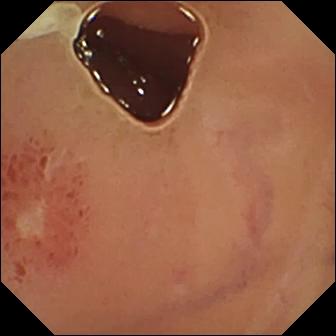Ulcer.